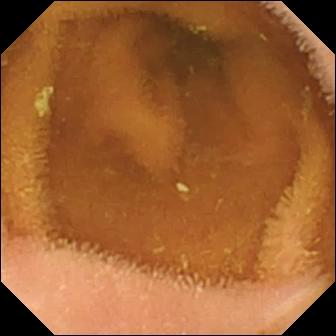Video capsule endoscopy image. Normal clean mucosa.